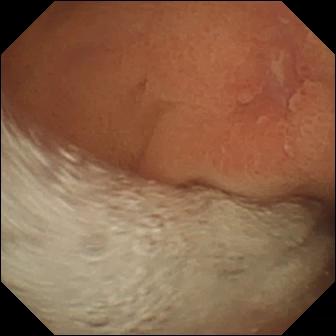This small-bowel capsule endoscopy snapshot shows erosion.